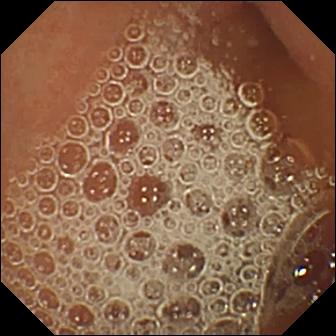Capsule endoscopy still, 336×336. Normal clean mucosa.